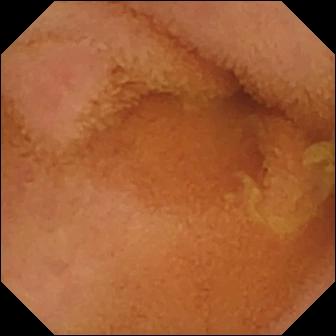This WCE view of the small intestine shows normal clean mucosa.